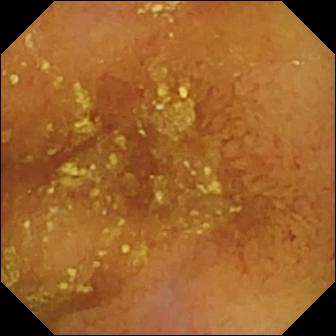This VCE still shows normal clean mucosa.